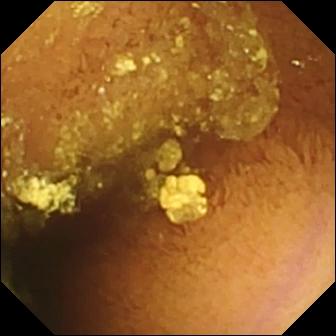This WCE snapshot shows normal clean mucosa.